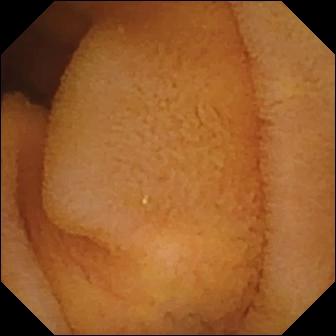{"modality": "WCE", "segment": "small bowel", "category": "luminal finding", "finding": "normal clean mucosa"}